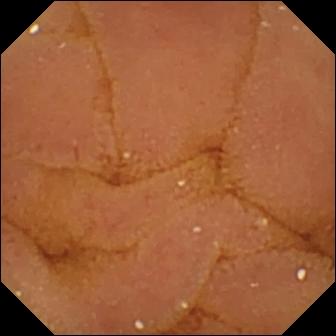WCE snapshot (small bowel). Normal clean mucosa.